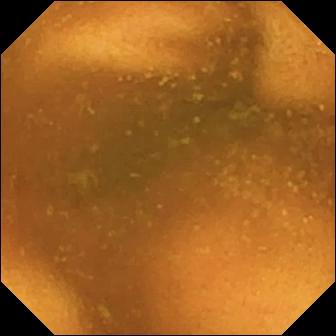Wireless capsule endoscopy still, small bowel
Impression: normal clean mucosa